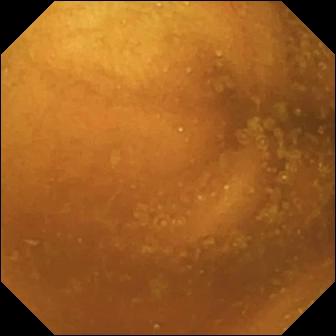VCE. Finding: normal clean mucosa.